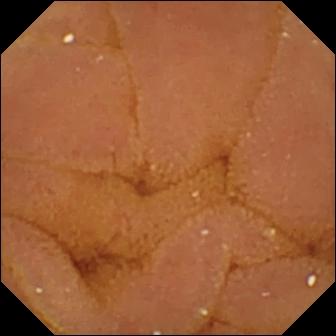This VCE view shows normal clean mucosa.